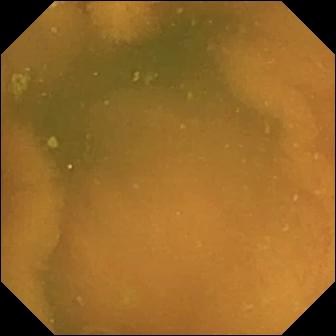{"modality": "VCE", "finding": "normal clean mucosa"}